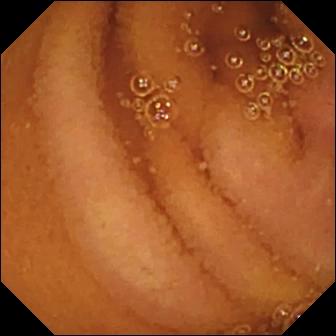Normal clean mucosa — WCE image of the small bowel.